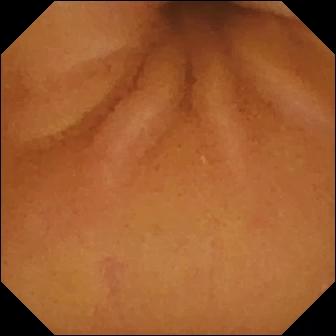- modality: small-bowel capsule endoscopy
- finding: normal clean mucosa